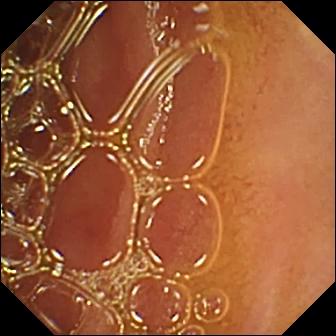Normal clean mucosa.